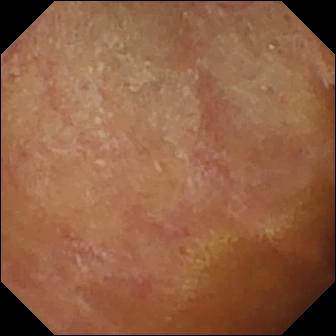modality: capsule endoscopy; segment: small bowel; label: normal clean mucosa